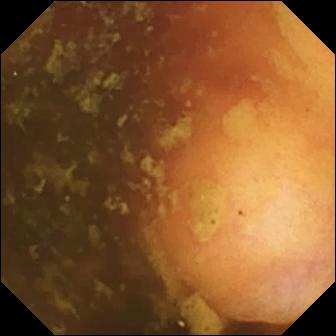This video capsule endoscopy still was taken in the ileo-cecal valve region (the transition from the small bowel to the large bowel).